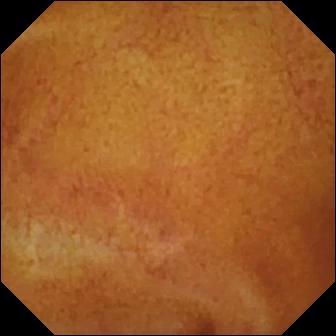{"modality": "VCE", "finding": "normal clean mucosa"}